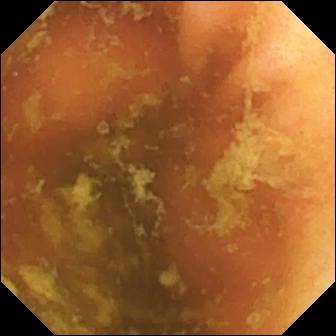Small-bowel capsule endoscopy — ileo-cecal valve region (where the capsule passes from the small bowel into the large bowel).